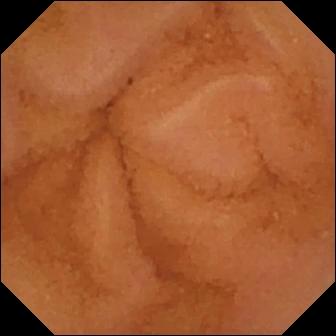Normal clean mucosa (336×336).